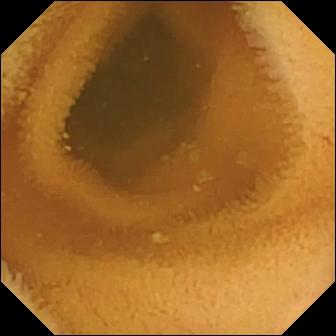This WCE image shows normal clean mucosa.